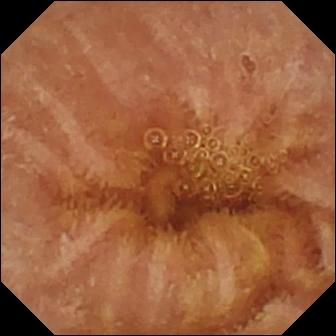modality: WCE
label: normal clean mucosa